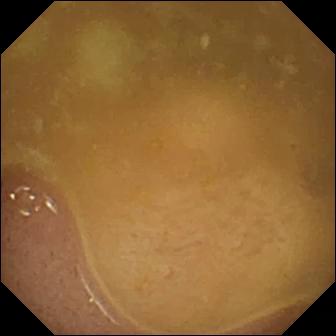Small-bowel capsule endoscopy — ileo-cecal valve region (where the capsule passes from the small bowel into the large bowel).